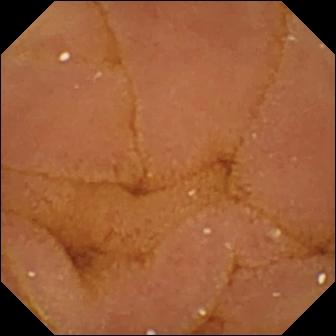WCE view showing normal clean mucosa.